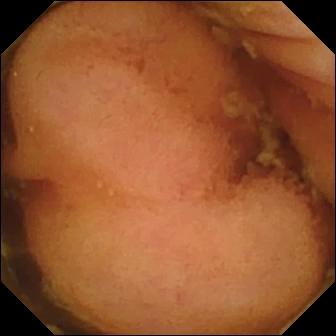This wireless capsule endoscopy snapshot shows polyp.